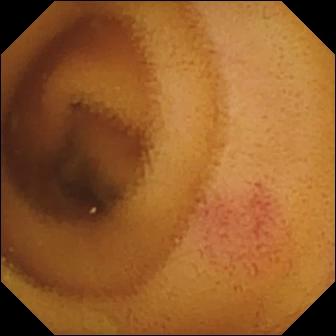Wireless capsule endoscopy view
Observation: angiectasia